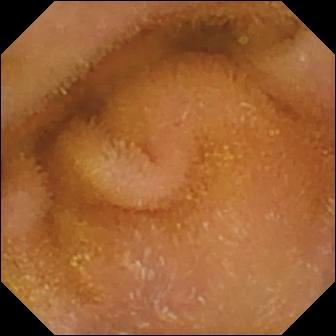- modality: small-bowel capsule endoscopy
- segment: small bowel
- observation: normal clean mucosa